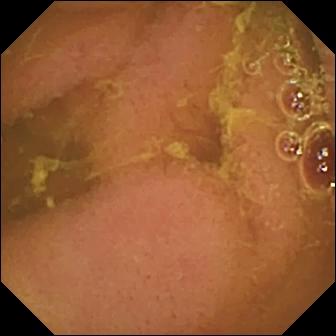WCE. Observation: normal clean mucosa.